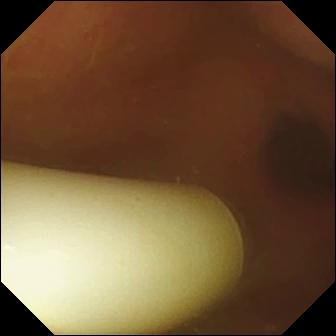modality: wireless capsule endoscopy; finding: foreign body (e.g. retained capsule, tablet residue)